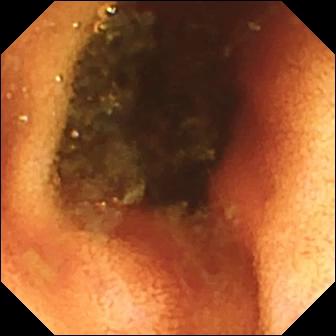Ileo-cecal valve region (where the capsule passes from the small bowel into the large bowel).